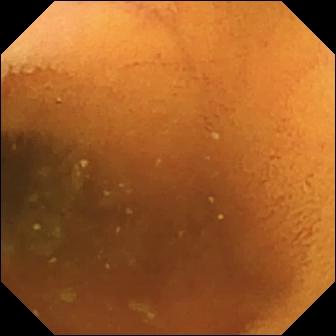Video capsule endoscopy. Small bowel. Luminal finding. Impression: normal clean mucosa.